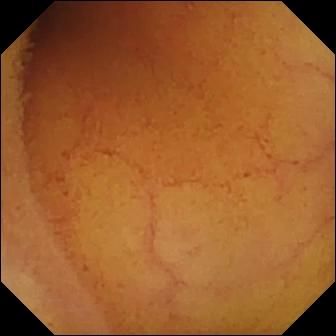{"modality": "capsule endoscopy", "finding": "normal clean mucosa"}